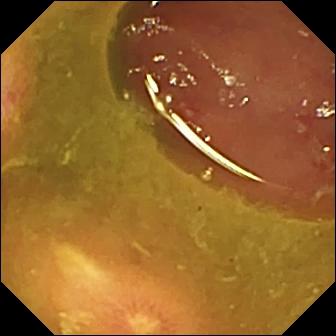Ulcer.